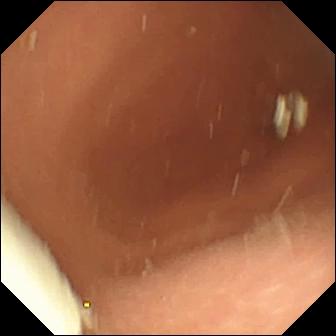- modality: wireless capsule endoscopy
- category: luminal finding
- label: foreign body (e.g. retained capsule, tablet residue)